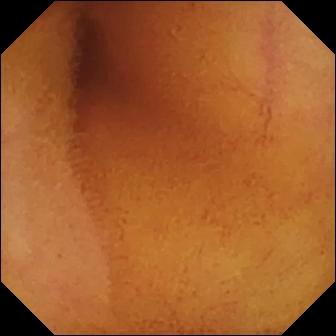VCE. Label: normal clean mucosa.